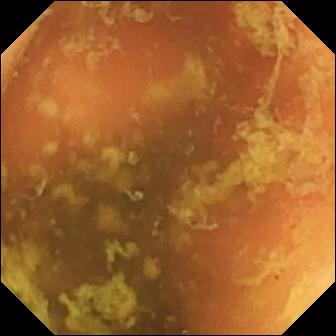This capsule endoscopy view was taken in the ileo-cecal valve region (where the capsule passes from the small bowel into the large bowel).